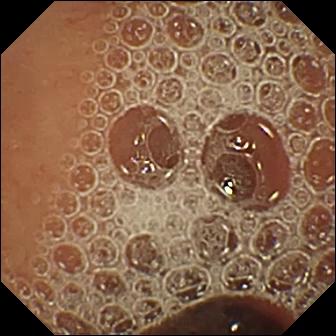Wireless capsule endoscopy — normal clean mucosa.